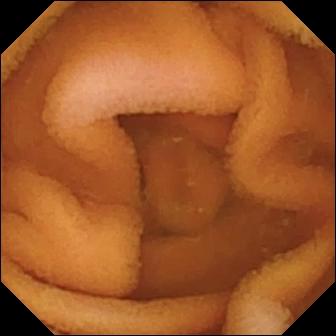This video capsule endoscopy snapshot of the small intestine shows normal clean mucosa.